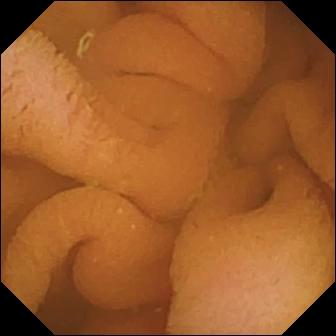Video capsule endoscopy snapshot. Normal clean mucosa.